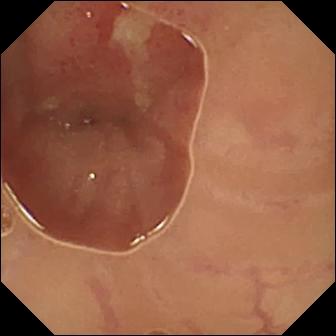PROCEDURE: Wireless capsule endoscopy.
FINDINGS: Ulcer.